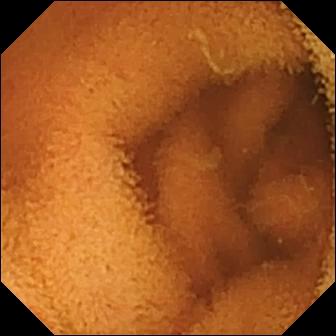Video capsule endoscopy. Finding: normal clean mucosa.